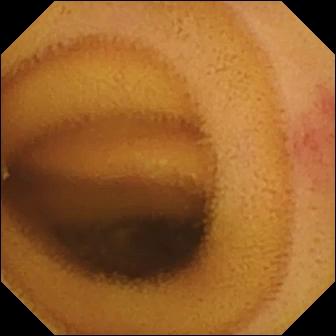PROCEDURE: WCE.
FINDINGS: Angiectasia.